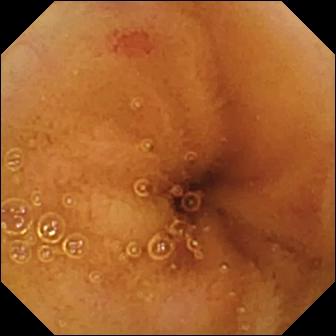Wireless capsule endoscopy still showing angiectasia.